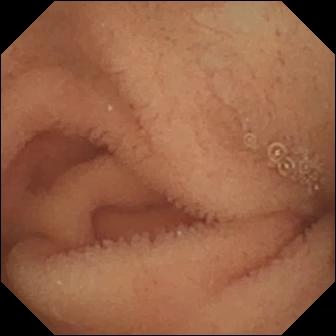VCE — normal clean mucosa.